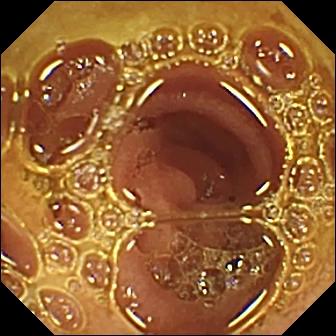Small-bowel capsule endoscopy still showing normal clean mucosa.